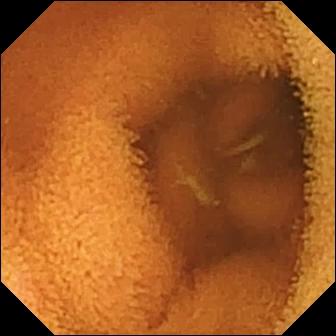- modality: small-bowel capsule endoscopy
- segment: small intestine
- category: luminal finding
- impression: normal clean mucosa